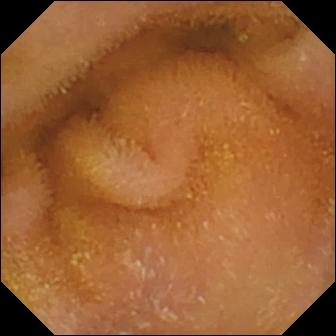Capsule endoscopy still. Normal clean mucosa.